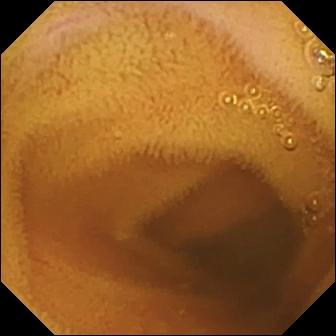Wireless capsule endoscopy view of the small intestine showing normal clean mucosa.